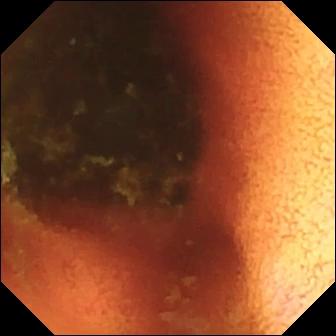Ileo-cecal valve region — capsule endoscopy image.